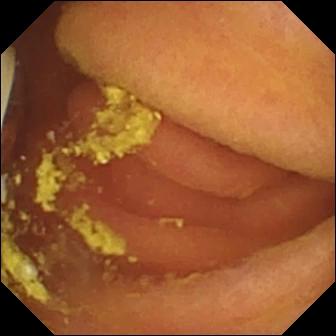modality: small-bowel capsule endoscopy; label: foreign body (e.g. retained capsule, tablet residue)